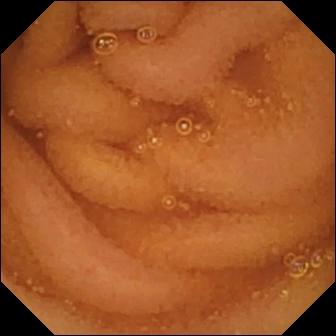{"modality": "capsule endoscopy", "finding": "normal clean mucosa"}